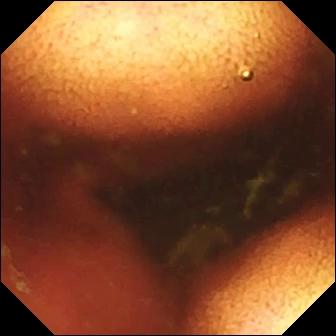Ileo-cecal valve region.